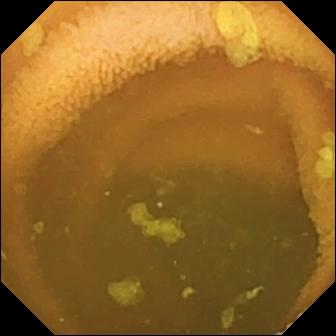This small-bowel capsule endoscopy snapshot shows normal clean mucosa.